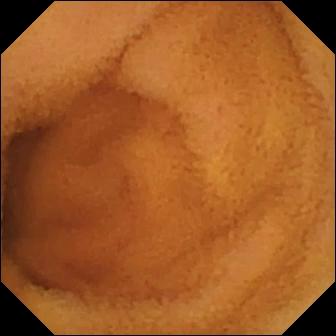Small-bowel capsule endoscopy. Small intestine. Impression: normal clean mucosa.